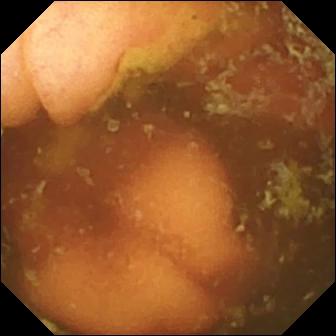This wireless capsule endoscopy still was taken in the ileo-cecal valve region (the transition from the small bowel to the large bowel).